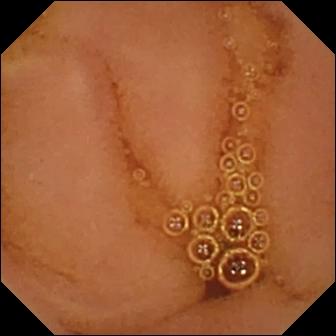Normal clean mucosa (336×336).